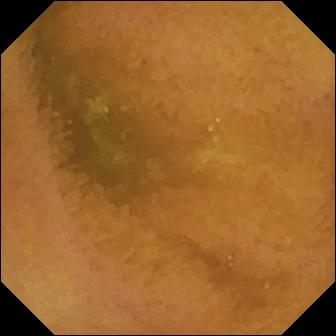{"modality": "VCE", "finding": "normal clean mucosa"}